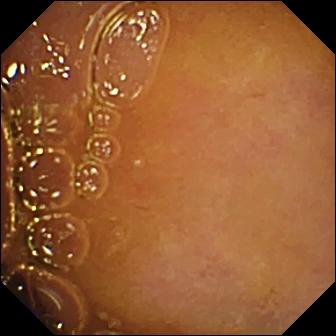modality: VCE | category: luminal finding | finding: normal clean mucosa